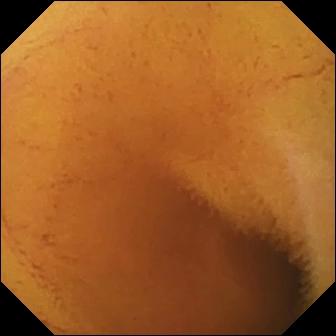VCE frame of the small intestine showing normal clean mucosa.